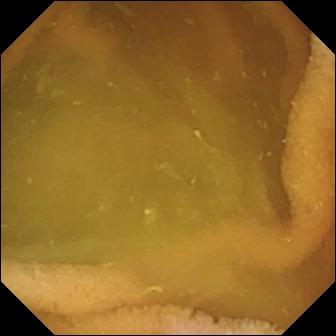WCE — normal clean mucosa.